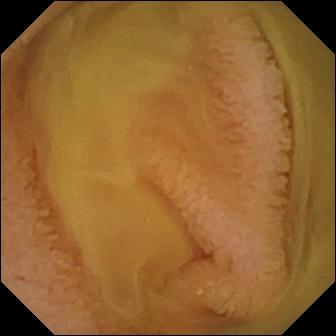Q: What does this VCE still show?
A: Normal clean mucosa.